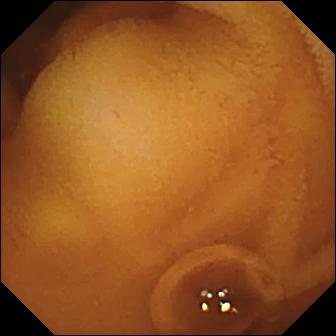{"modality": "WCE", "category": "luminal finding", "finding": "normal clean mucosa"}